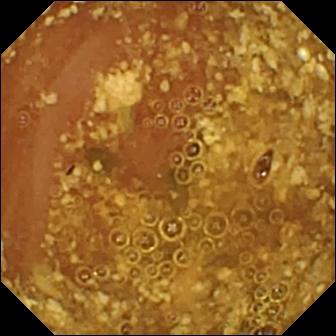- modality: wireless capsule endoscopy
- segment: small intestine
- impression: reduced mucosal view (content or bubbles obscuring the mucosa)